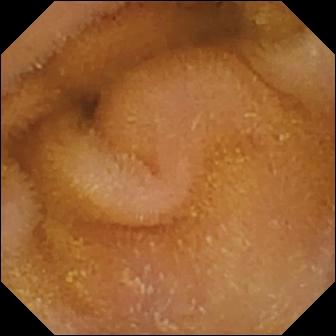- modality: WCE
- segment: small bowel
- category: luminal finding
- observation: normal clean mucosa